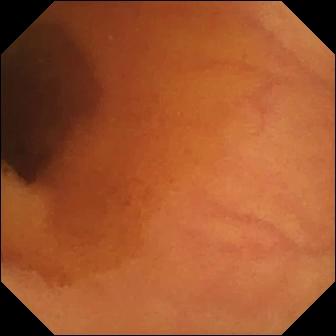Normal clean mucosa — small-bowel capsule endoscopy frame of the small intestine.